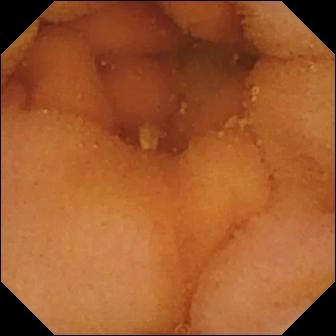Capsule endoscopy. Luminal finding. Label: normal clean mucosa.